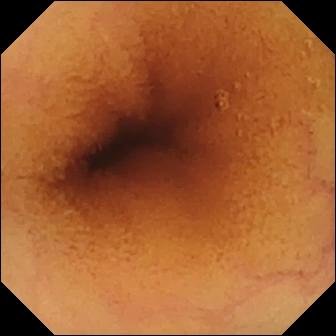Normal clean mucosa — small-bowel capsule endoscopy image of the small bowel.